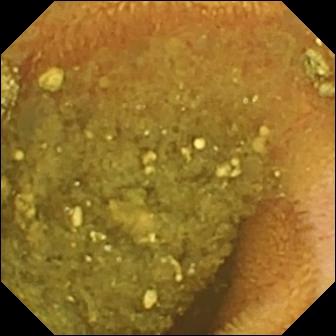Capsule endoscopy. Finding: reduced mucosal view (content or bubbles obscuring the mucosa).